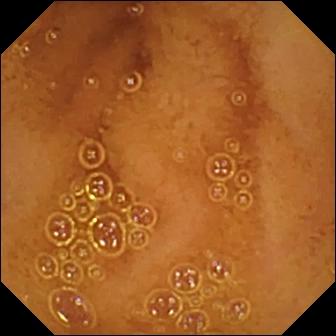Normal clean mucosa — video capsule endoscopy image.